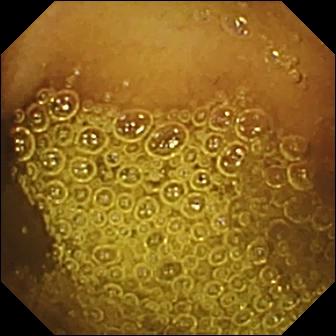Normal clean mucosa — VCE still of the small intestine.